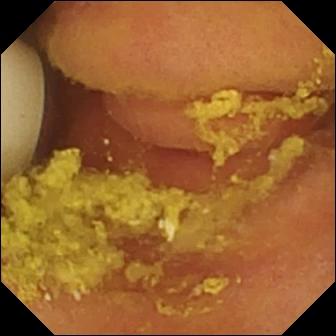Small-bowel capsule endoscopy image showing foreign body (e.g. retained capsule, tablet residue).